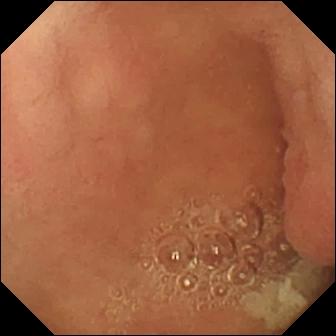- modality: VCE
- category: anatomical landmark
- video segment: pylorus region (the junction between the stomach and the small bowel)